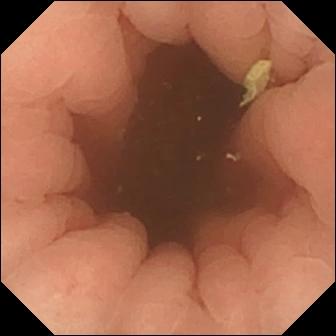VCE — pylorus region.